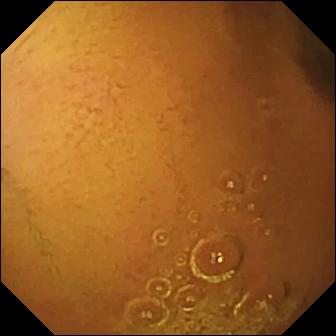{"modality": "capsule endoscopy", "segment": "small bowel", "finding": "normal clean mucosa"}